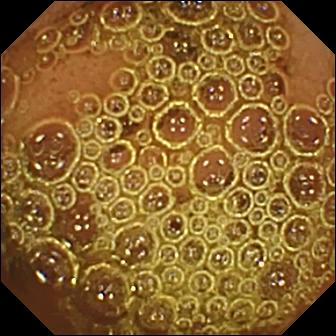This WCE snapshot of the small bowel shows normal clean mucosa.